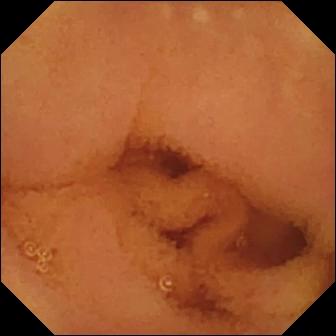{"modality": "small-bowel capsule endoscopy", "category": "luminal finding", "finding": "normal clean mucosa"}